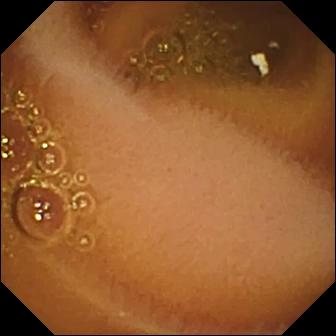Q: What does this wireless capsule endoscopy snapshot show?
A: Normal clean mucosa.